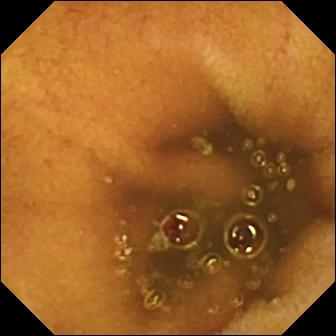PROCEDURE: WCE.
FINDINGS: Normal clean mucosa.